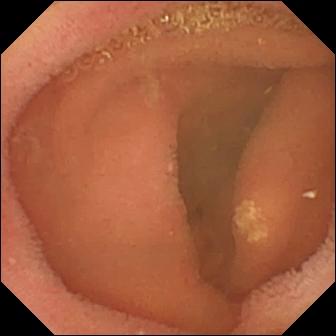PROCEDURE: WCE.
FINDINGS: Lymphangiectasia.